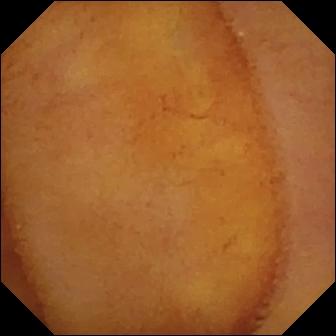This VCE view shows normal clean mucosa.